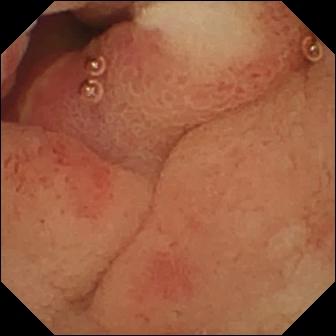- modality: small-bowel capsule endoscopy
- category: luminal finding
- observation: ulcer